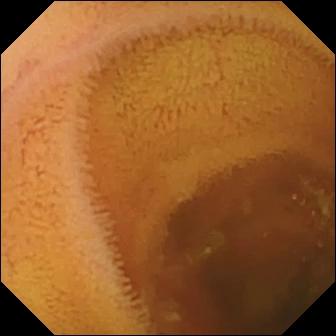- modality: VCE
- segment: small intestine
- observation: normal clean mucosa